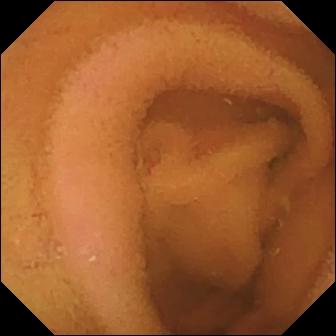- modality: small-bowel capsule endoscopy
- segment: small intestine
- label: normal clean mucosa